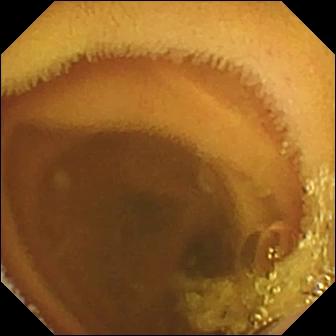This VCE image shows normal clean mucosa.